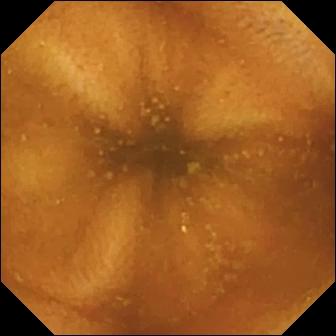PROCEDURE: Capsule endoscopy.
FINDINGS: Normal clean mucosa.